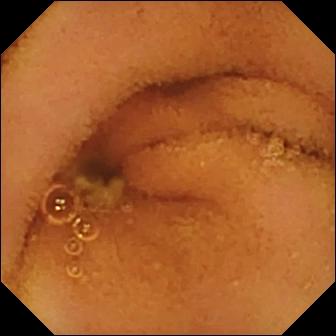Small-bowel capsule endoscopy. Small intestine. Label: normal clean mucosa.